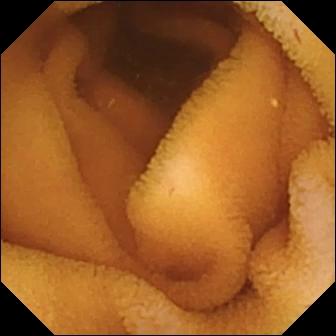- modality: small-bowel capsule endoscopy
- category: luminal finding
- observation: normal clean mucosa